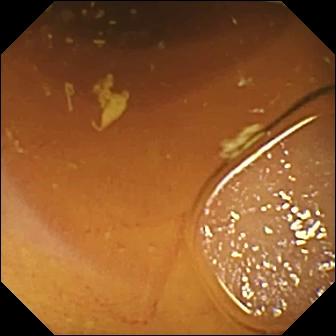Normal clean mucosa — wireless capsule endoscopy frame of the small intestine.